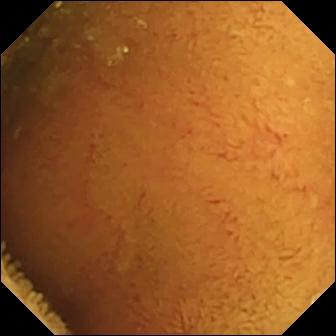Normal clean mucosa (336×336).